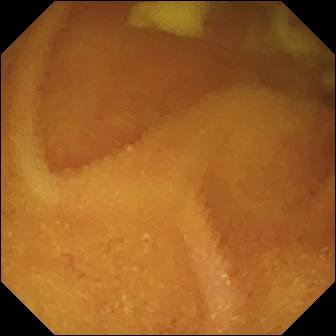Normal clean mucosa — video capsule endoscopy view.